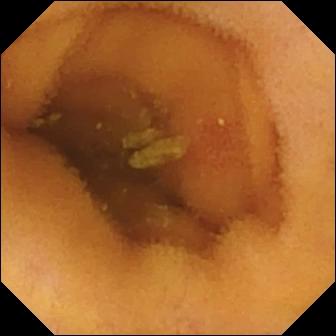Angiectasia.